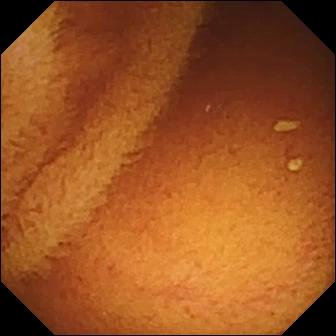Normal clean mucosa — VCE still of the small intestine.